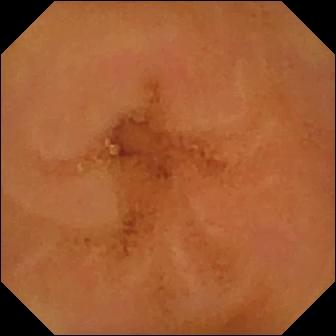- modality: wireless capsule endoscopy
- segment: small intestine
- category: luminal finding
- observation: normal clean mucosa